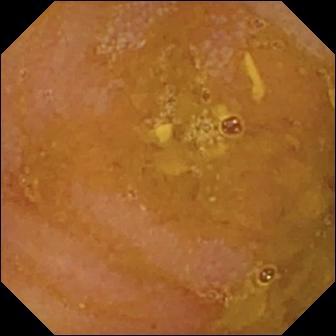modality: wireless capsule endoscopy | impression: reduced mucosal view (content or bubbles obscuring the mucosa)